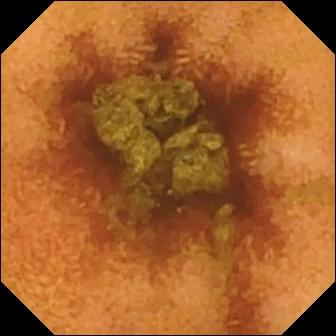Video capsule endoscopy view (small bowel). Normal clean mucosa.